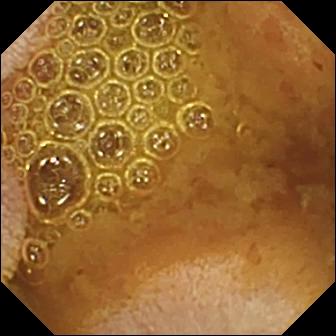Video capsule endoscopy. Small intestine. Impression: reduced mucosal view (content or bubbles obscuring the mucosa).